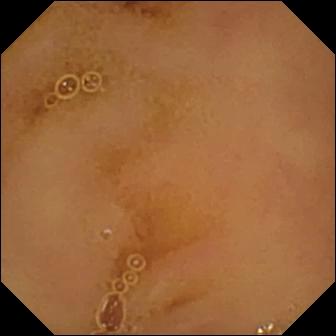This VCE frame shows normal clean mucosa.